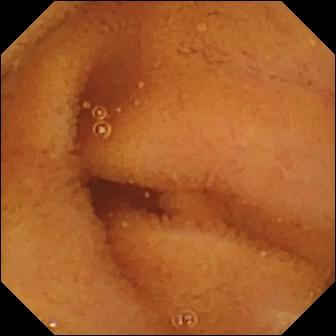Q: What does this capsule endoscopy image show?
A: Normal clean mucosa.